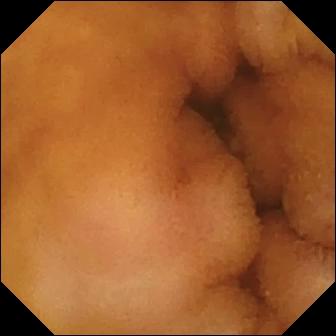Normal clean mucosa.